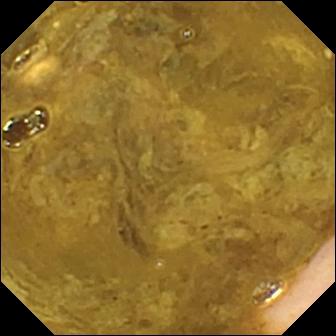PROCEDURE: Small-bowel capsule endoscopy.
VIDEO SEGMENT: Ileo-cecal valve region (the transition from the small bowel to the large bowel).